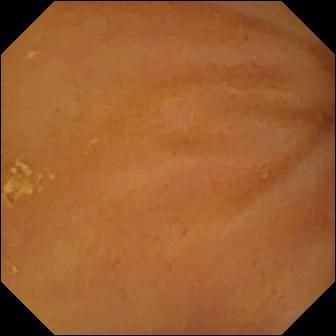- modality: video capsule endoscopy
- category: anatomical landmark
- location: ileo-cecal valve region (where the capsule passes from the small bowel into the large bowel)